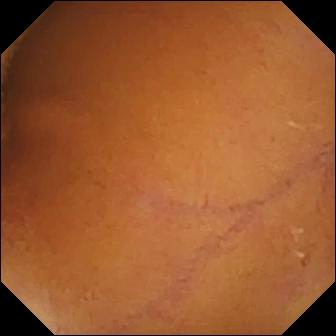Video capsule endoscopy view of the small bowel showing normal clean mucosa.